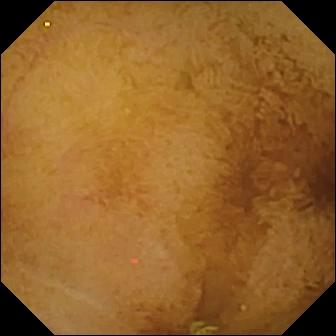Capsule endoscopy. Small bowel. Luminal finding. Observation: normal clean mucosa.